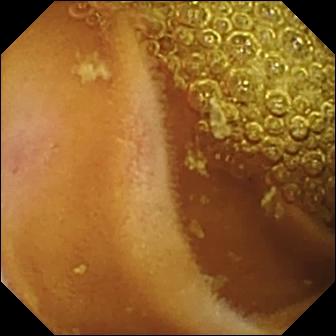{"modality": "WCE", "finding": "normal clean mucosa"}